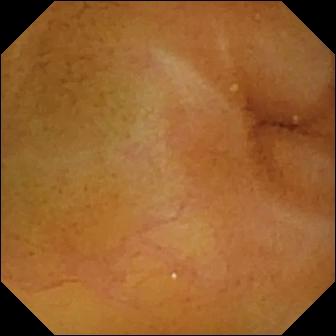Normal clean mucosa — capsule endoscopy image.